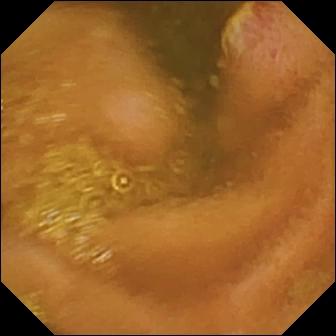{"modality": "wireless capsule endoscopy", "category": "luminal finding", "finding": "ulcer"}